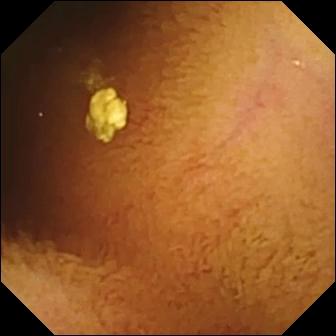Normal clean mucosa.